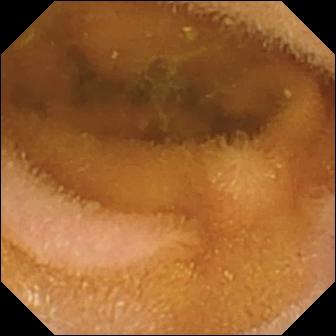VCE image
Label: normal clean mucosa